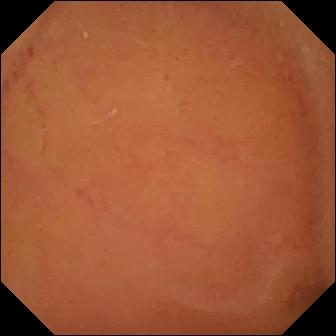Capsule endoscopy. Impression: normal clean mucosa.